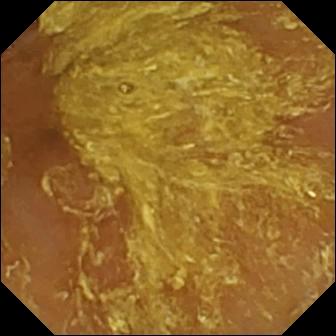{"modality": "capsule endoscopy", "finding": "reduced mucosal view (content or bubbles obscuring the mucosa)"}